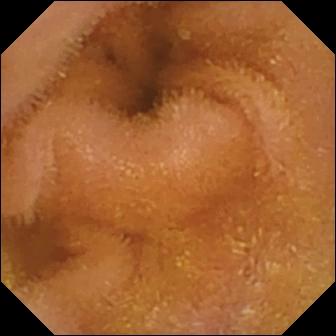Normal clean mucosa.